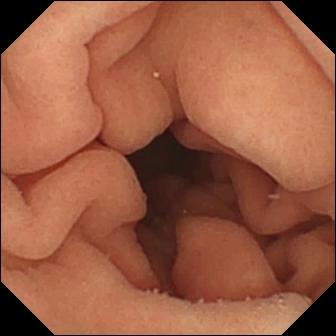WCE view. Taken in the pylorus region (the junction between the stomach and the small bowel).